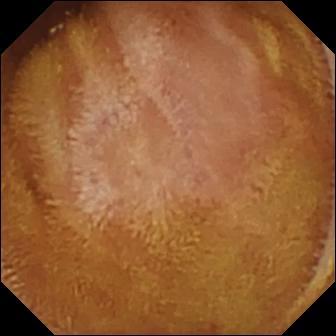PROCEDURE: Video capsule endoscopy.
SEGMENT: Small intestine.
FINDINGS: Normal clean mucosa.